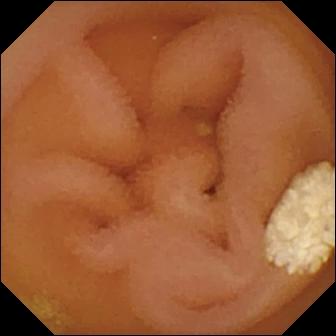Wireless capsule endoscopy. Luminal finding. Label: lymphangiectasia.